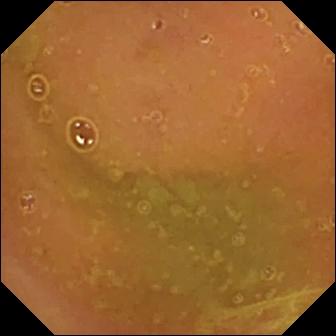Normal clean mucosa.